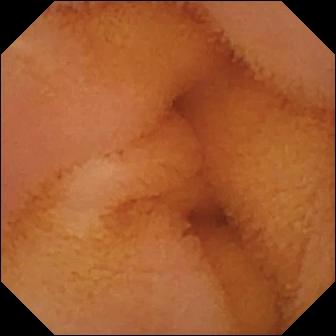This small-bowel capsule endoscopy image shows normal clean mucosa.